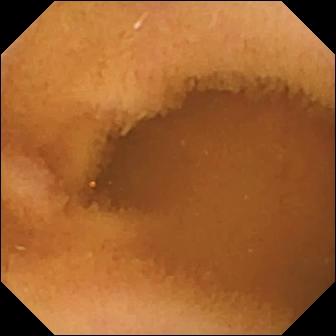Video capsule endoscopy image (small bowel). Normal clean mucosa.